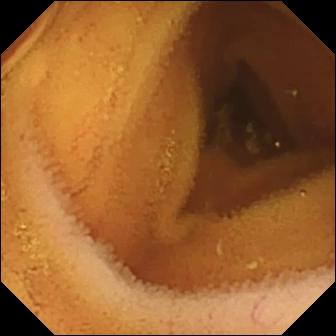modality: video capsule endoscopy; category: luminal finding; observation: normal clean mucosa